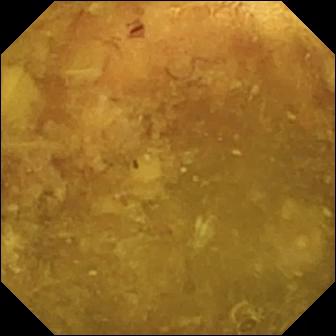PROCEDURE: Capsule endoscopy.
SEGMENT: Small bowel.
FINDINGS: Reduced mucosal view (content or bubbles obscuring the mucosa).